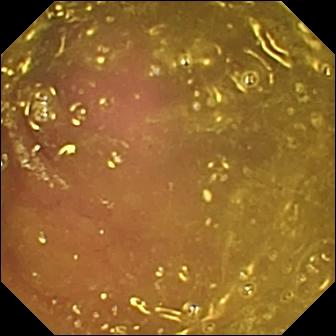Reduced mucosal view (content or bubbles obscuring the mucosa).